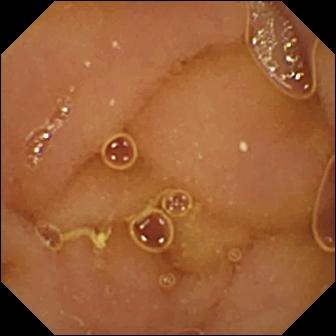WCE — normal clean mucosa.